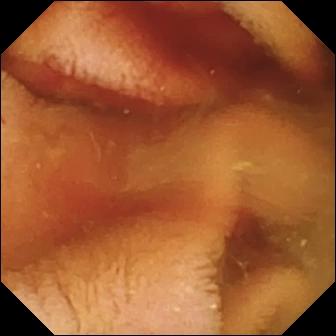Fresh blood in the lumen.